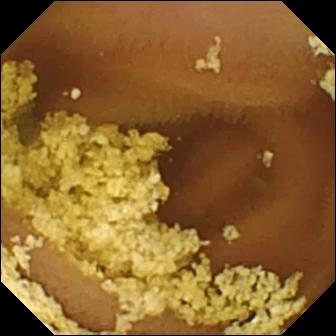This WCE view shows normal clean mucosa.